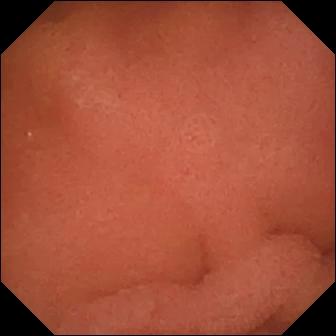PROCEDURE: Small-bowel capsule endoscopy.
LABEL: Pylorus region (where the capsule passes from the stomach into the small bowel).